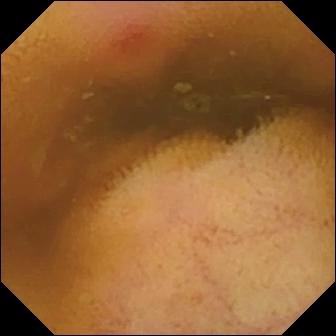This capsule endoscopy still shows erythema (mucosal redness).